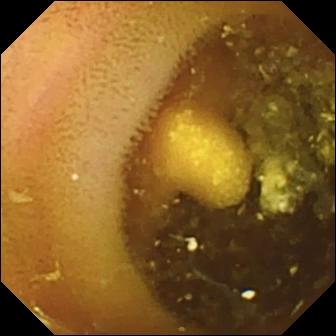This capsule endoscopy frame shows lymphangiectasia.